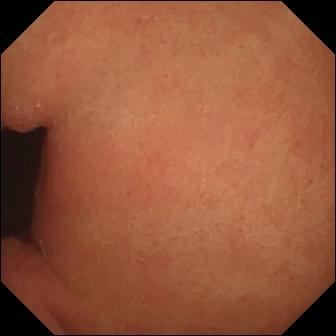WCE snapshot. Taken in the pylorus region (the junction between the stomach and the small bowel).